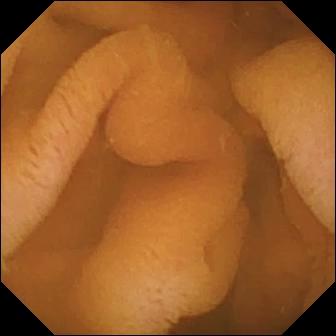Capsule endoscopy image of the small intestine showing normal clean mucosa.